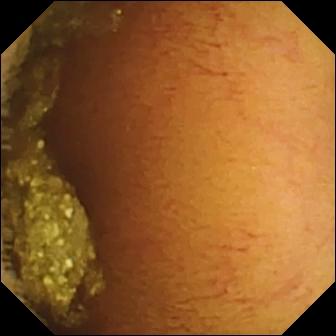Capsule endoscopy still, small bowel
Label: normal clean mucosa